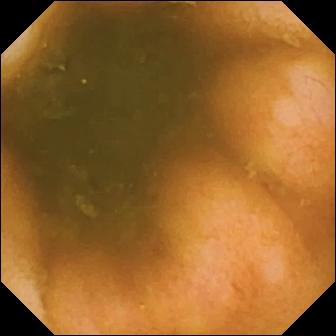PROCEDURE: Wireless capsule endoscopy.
LOCATION: Ileo-cecal valve region.